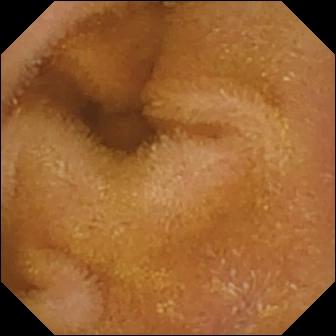Normal clean mucosa.